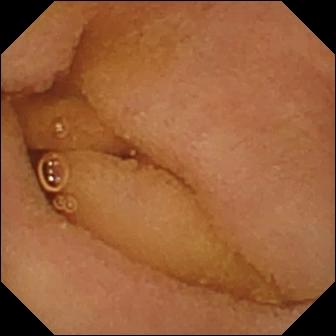modality: video capsule endoscopy; finding: normal clean mucosa